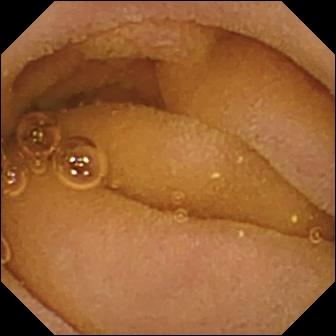This small-bowel capsule endoscopy snapshot of the small intestine shows normal clean mucosa.